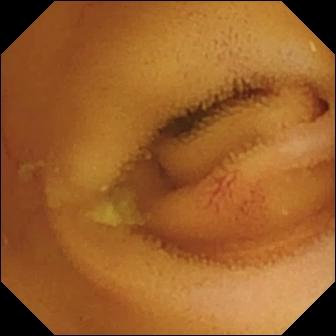PROCEDURE: Wireless capsule endoscopy.
FINDINGS: Angiectasia.